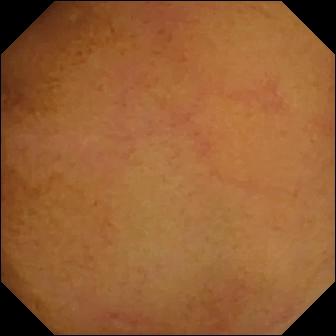Q: What does this WCE image of the small bowel show?
A: Normal clean mucosa.